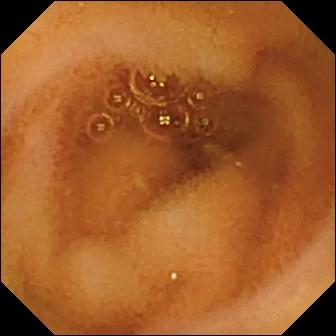- modality: capsule endoscopy
- impression: normal clean mucosa